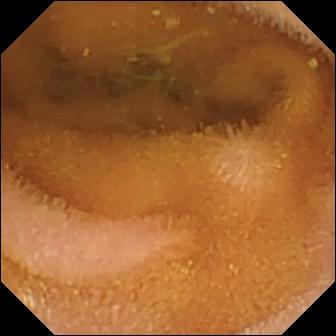Wireless capsule endoscopy. Small bowel. Luminal finding. Observation: normal clean mucosa.